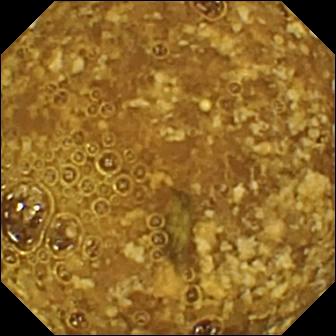Wireless capsule endoscopy snapshot (small bowel), 336×336. Reduced mucosal view (content or bubbles obscuring the mucosa).